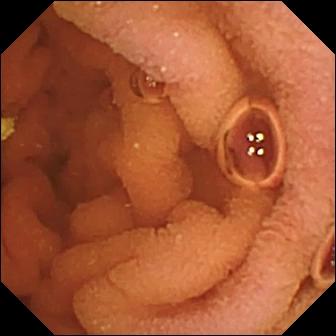{"modality": "capsule endoscopy", "segment": "small intestine", "finding": "normal clean mucosa"}